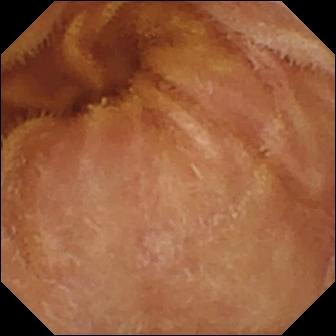Normal clean mucosa — small-bowel capsule endoscopy frame.